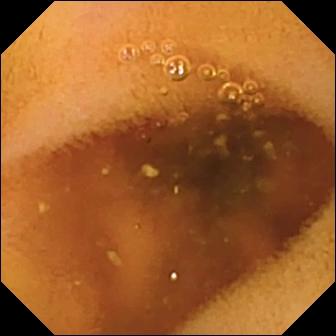PROCEDURE: WCE.
FINDINGS: Normal clean mucosa.